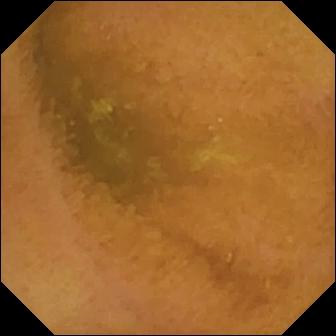WCE view of the small bowel showing normal clean mucosa.